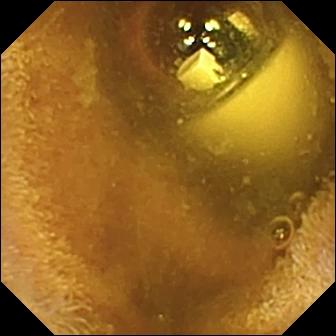Wireless capsule endoscopy. Luminal finding. Finding: foreign body (e.g. retained capsule, tablet residue).